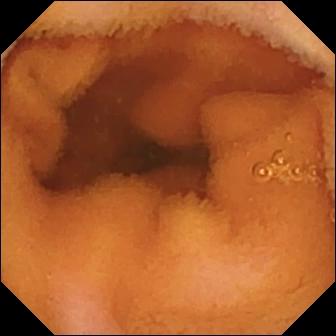Capsule endoscopy. Small bowel. Luminal finding. Label: normal clean mucosa.